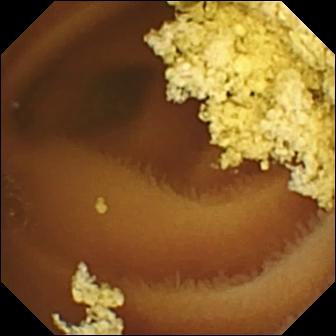PROCEDURE: Wireless capsule endoscopy.
FINDINGS: Normal clean mucosa.